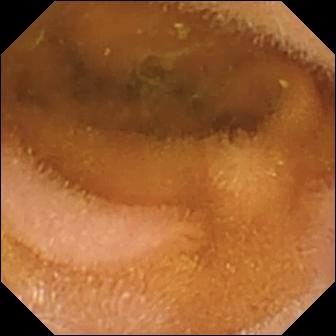Q: What does this VCE frame of the small bowel show?
A: Normal clean mucosa.